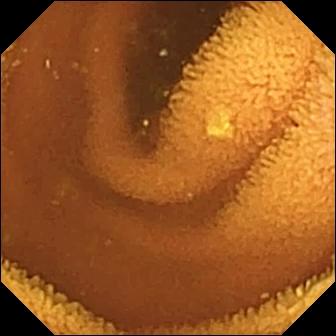PROCEDURE: WCE.
FINDINGS: Normal clean mucosa.